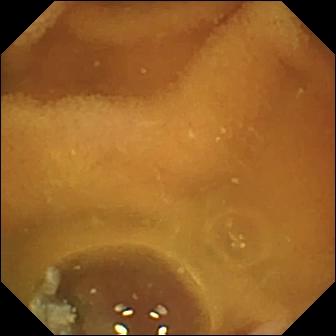VCE — normal clean mucosa.